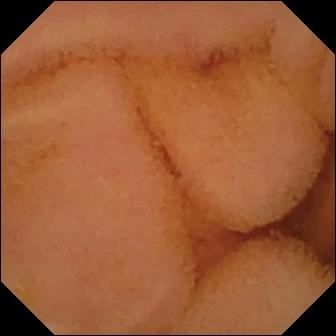Capsule endoscopy frame (small bowel). Normal clean mucosa.